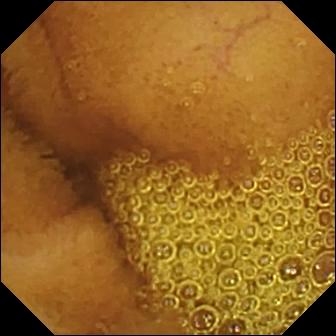{"modality": "capsule endoscopy", "segment": "small intestine", "category": "luminal finding", "finding": "normal clean mucosa"}